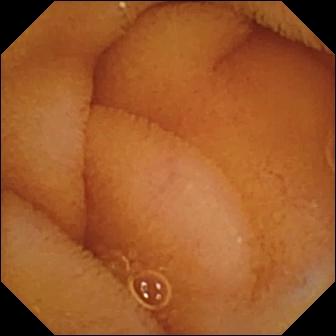PROCEDURE: Capsule endoscopy.
SEGMENT: Small intestine.
FINDINGS: Normal clean mucosa.